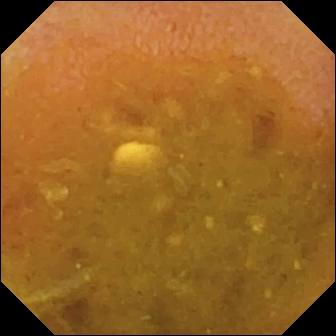Capsule endoscopy — reduced mucosal view (content or bubbles obscuring the mucosa).